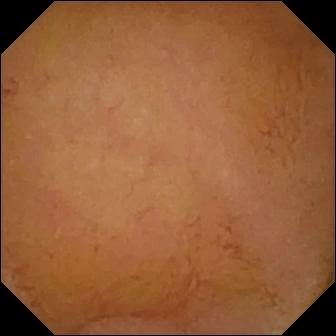- modality: video capsule endoscopy
- segment: small intestine
- category: luminal finding
- observation: normal clean mucosa